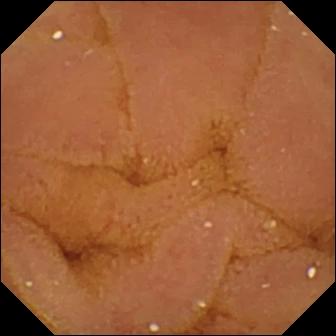Wireless capsule endoscopy. Luminal finding. Finding: normal clean mucosa.